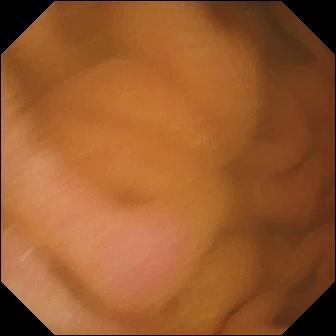PROCEDURE: Capsule endoscopy.
SEGMENT: Small bowel.
FINDINGS: Normal clean mucosa.